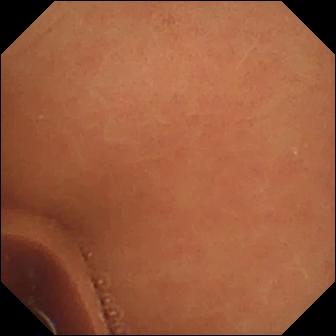WCE — normal clean mucosa.